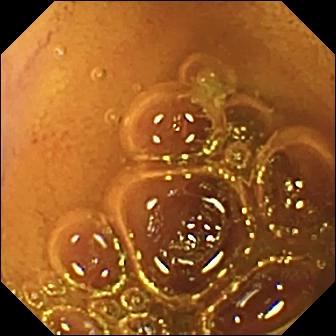- modality: small-bowel capsule endoscopy
- impression: normal clean mucosa